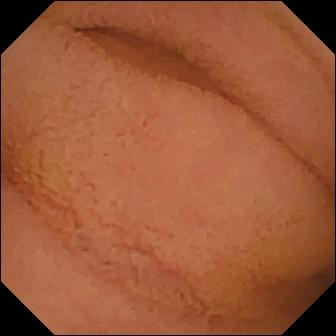- modality: capsule endoscopy
- impression: normal clean mucosa